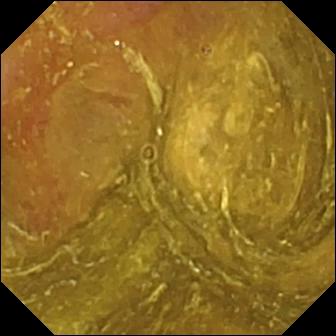Wireless capsule endoscopy still, 336×336. Taken in the ileo-cecal valve region (where the capsule passes from the small bowel into the large bowel).